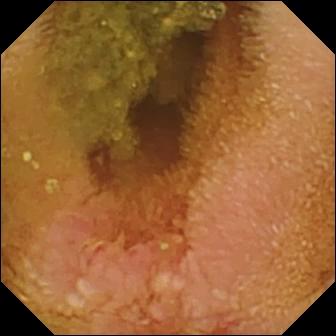{"modality": "wireless capsule endoscopy", "finding": "erosion"}